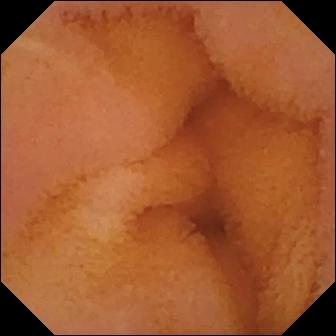Video capsule endoscopy view of the small intestine showing normal clean mucosa.